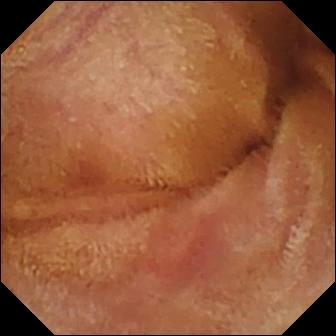{"modality": "wireless capsule endoscopy", "category": "luminal finding", "finding": "normal clean mucosa"}